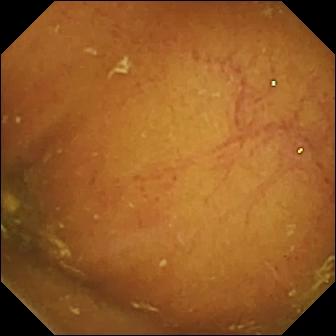- modality: small-bowel capsule endoscopy
- video segment: ileo-cecal valve region (the transition from the small bowel to the large bowel)